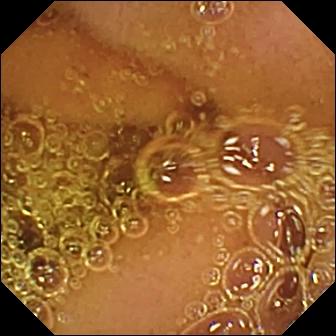VCE still. Normal clean mucosa.